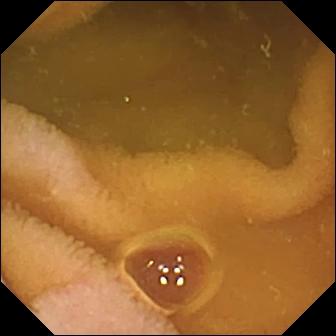Small-bowel capsule endoscopy image (small intestine). Normal clean mucosa.